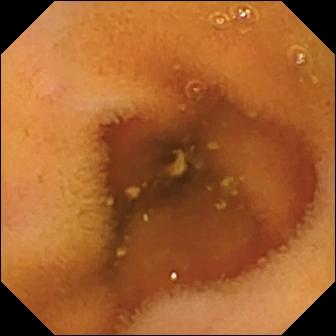modality: video capsule endoscopy | finding: normal clean mucosa